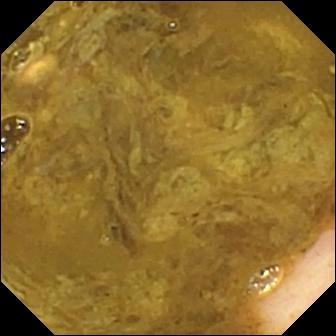WCE image. Taken in the ileo-cecal valve region (the transition from the small bowel to the large bowel).